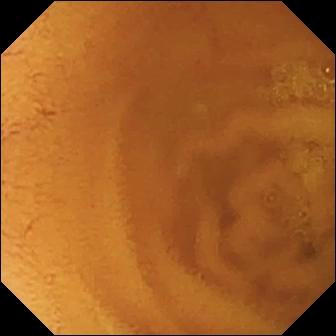Capsule endoscopy image
Finding: normal clean mucosa